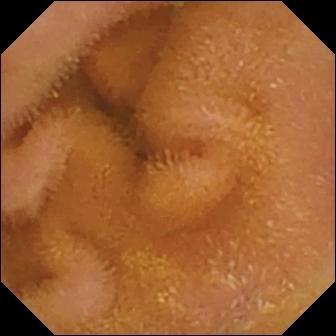WCE view showing normal clean mucosa.